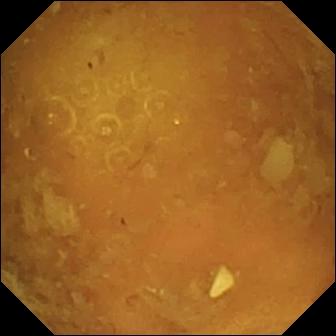modality: video capsule endoscopy; segment: small intestine; category: luminal finding; finding: reduced mucosal view (content or bubbles obscuring the mucosa)